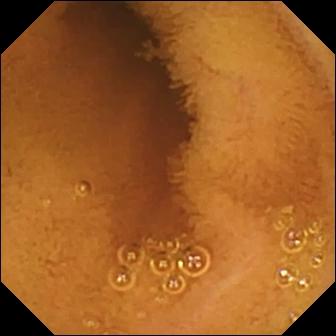WCE — normal clean mucosa.